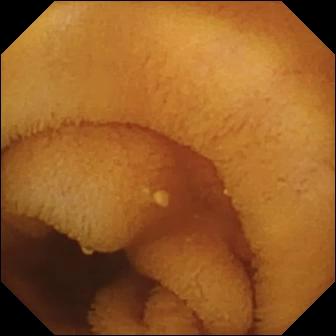PROCEDURE: Capsule endoscopy.
SEGMENT: Small intestine.
FINDINGS: Normal clean mucosa.